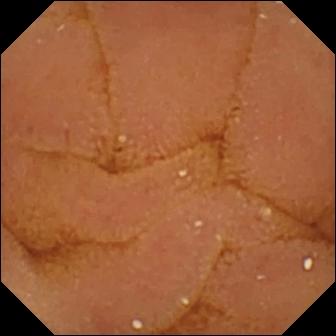Capsule endoscopy image showing normal clean mucosa.